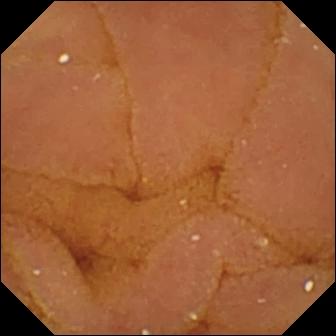This capsule endoscopy frame shows normal clean mucosa.